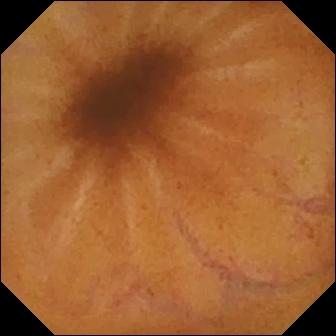PROCEDURE: VCE.
SEGMENT: Small intestine.
FINDINGS: Normal clean mucosa.